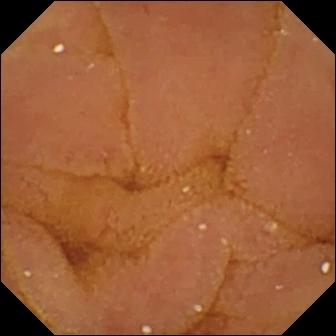Small-bowel capsule endoscopy. Impression: normal clean mucosa.